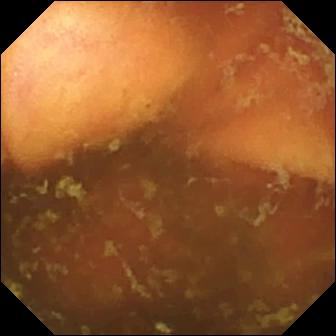{"modality": "WCE", "video_segment": "ileo-cecal valve region"}